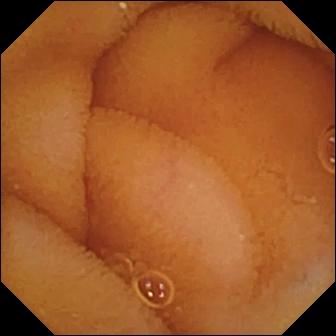modality: wireless capsule endoscopy; finding: normal clean mucosa